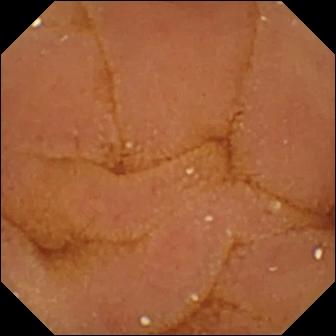modality: wireless capsule endoscopy
label: normal clean mucosa